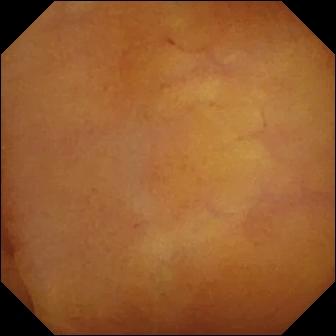This small-bowel capsule endoscopy image of the small intestine shows normal clean mucosa.